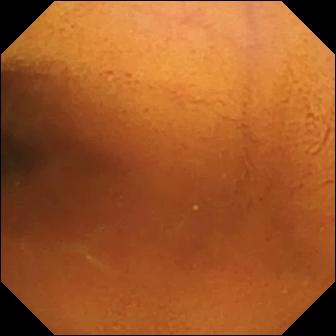Small-bowel capsule endoscopy frame (small bowel). Normal clean mucosa.